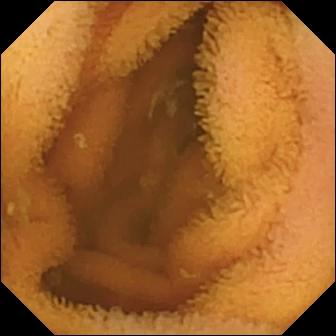Video capsule endoscopy. Small intestine. Finding: normal clean mucosa.